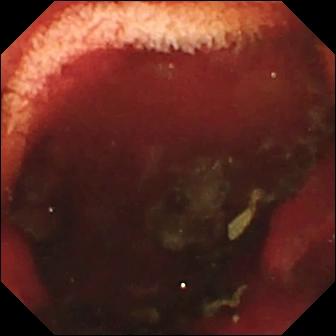Wireless capsule endoscopy view
Label: fresh blood in the lumen